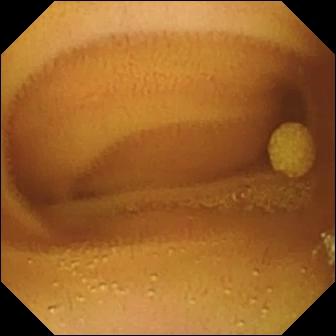modality: capsule endoscopy | observation: lymphangiectasia